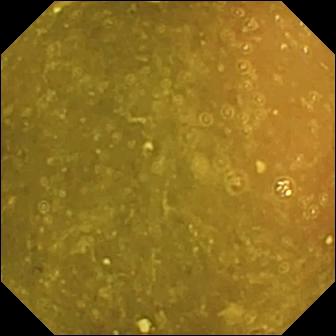PROCEDURE: Wireless capsule endoscopy.
LABEL: Ileo-cecal valve region.